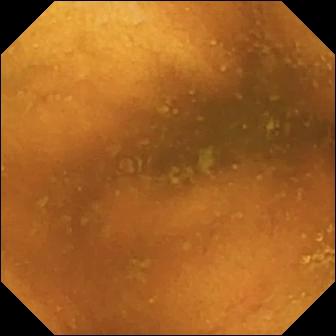modality: VCE | segment: small bowel | label: normal clean mucosa